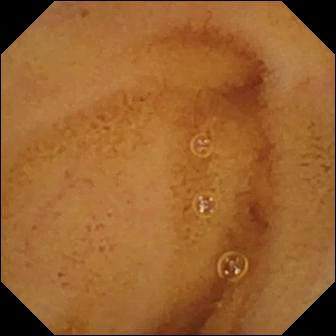VCE. Label: normal clean mucosa.